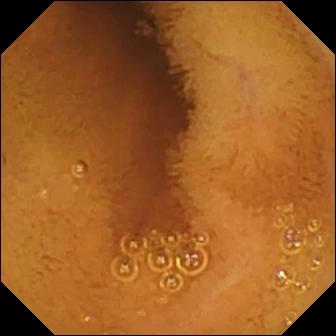Normal clean mucosa — WCE snapshot.